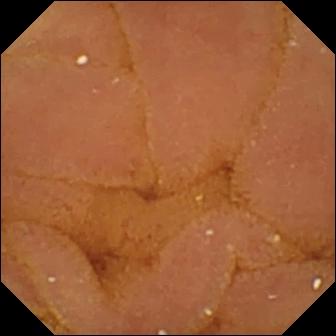- modality: video capsule endoscopy
- category: luminal finding
- impression: normal clean mucosa